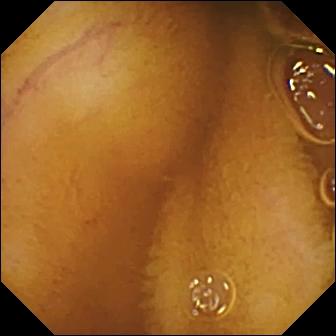Wireless capsule endoscopy image of the small bowel showing normal clean mucosa.